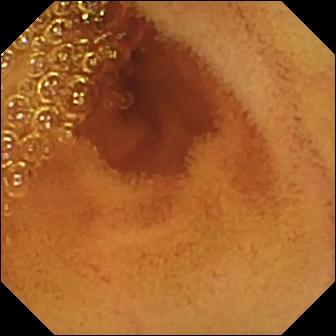Q: What does this VCE snapshot of the small intestine show?
A: Normal clean mucosa.